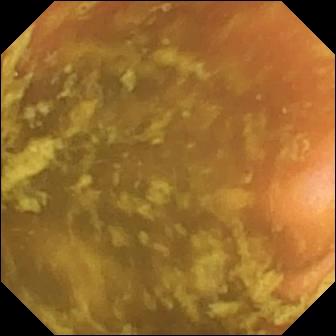Q: Where in the digestive tract was this WCE image taken?
A: Ileo-cecal valve region (where the capsule passes from the small bowel into the large bowel).